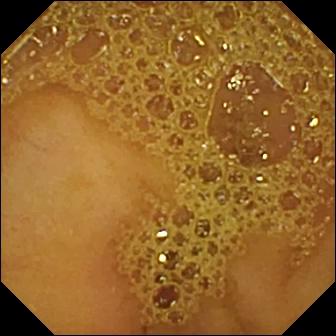Ileo-cecal valve region (where the capsule passes from the small bowel into the large bowel), 336×336.